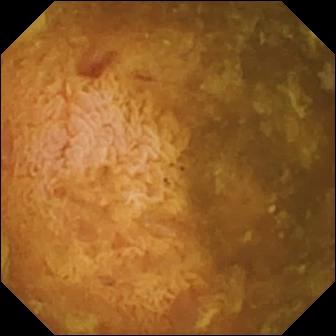PROCEDURE: Small-bowel capsule endoscopy.
FINDINGS: Reduced mucosal view (content or bubbles obscuring the mucosa).